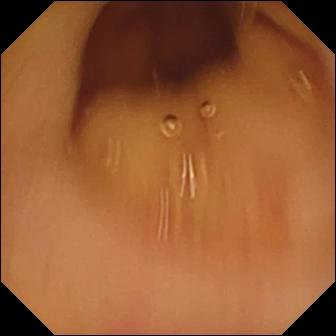Normal clean mucosa — small-bowel capsule endoscopy frame of the small intestine.